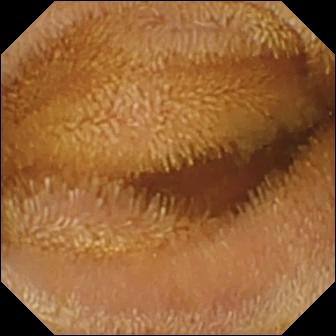modality: small-bowel capsule endoscopy | label: normal clean mucosa